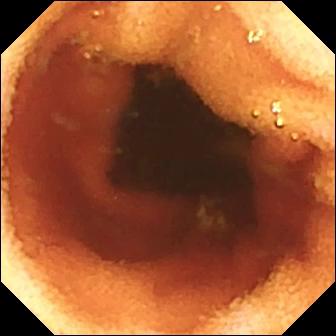PROCEDURE: VCE.
LABEL: Ileo-cecal valve region (the transition from the small bowel to the large bowel).